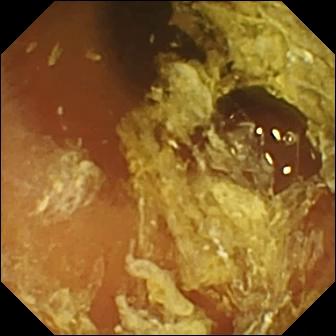Video capsule endoscopy image showing normal clean mucosa.